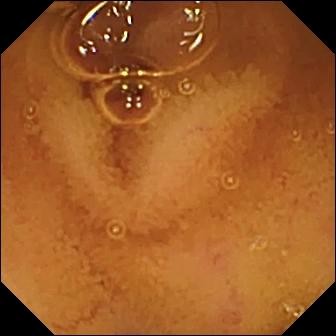{"modality": "video capsule endoscopy", "segment": "small intestine", "finding": "normal clean mucosa"}